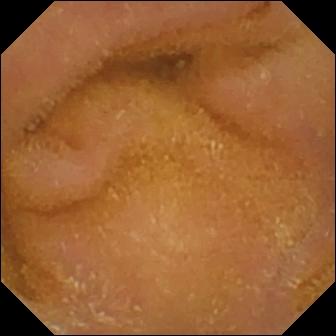VCE — normal clean mucosa.